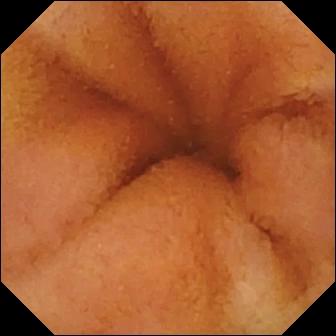Capsule endoscopy frame of the small intestine showing normal clean mucosa.